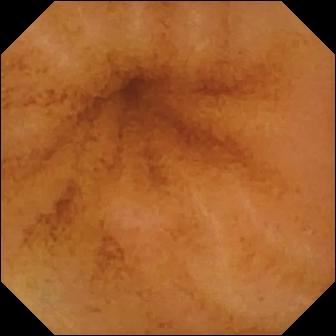{"modality": "WCE", "finding": "normal clean mucosa"}